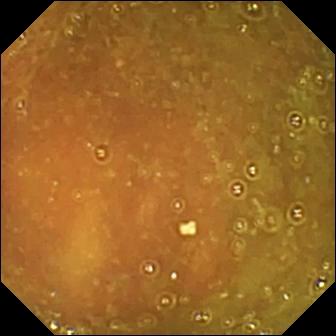Ileo-cecal valve region (the transition from the small bowel to the large bowel).